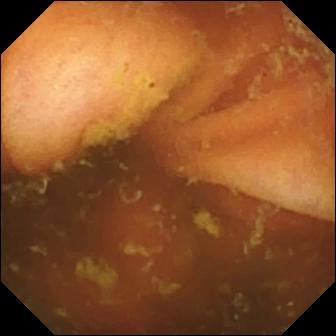This VCE view was taken in the ileo-cecal valve region (where the capsule passes from the small bowel into the large bowel).